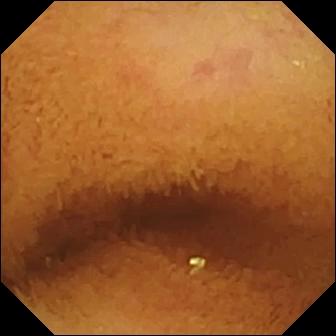Capsule endoscopy. Finding: normal clean mucosa.